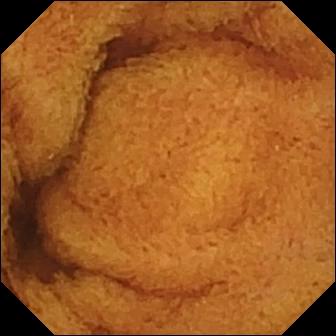Q: What does this VCE still show?
A: Normal clean mucosa.